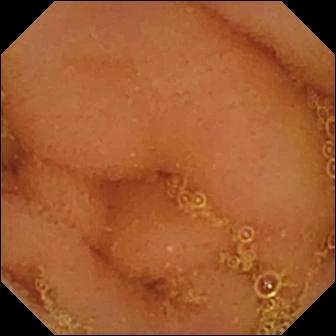modality: WCE | segment: small bowel | category: luminal finding | finding: normal clean mucosa